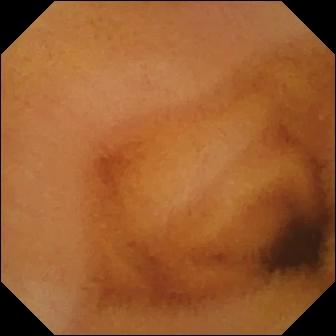PROCEDURE: Capsule endoscopy.
FINDINGS: Normal clean mucosa.